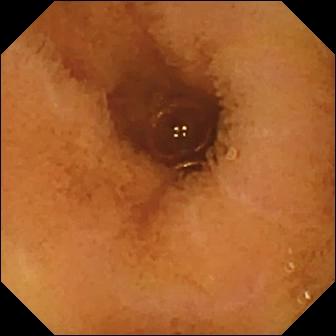PROCEDURE: WCE.
SEGMENT: Small bowel.
FINDINGS: Normal clean mucosa.